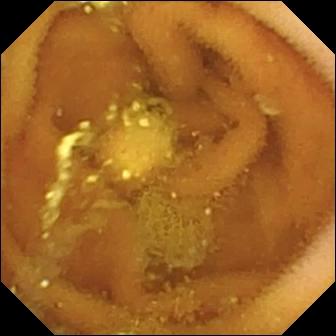VCE image showing lymphangiectasia.